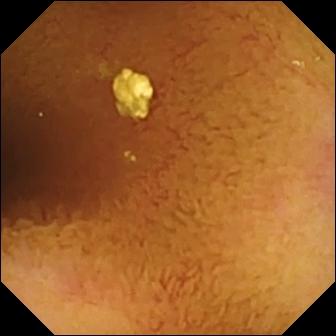This VCE still shows normal clean mucosa.